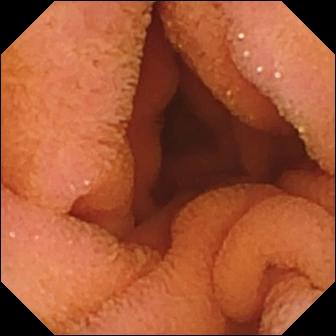{"modality": "small-bowel capsule endoscopy", "segment": "small bowel", "finding": "normal clean mucosa"}